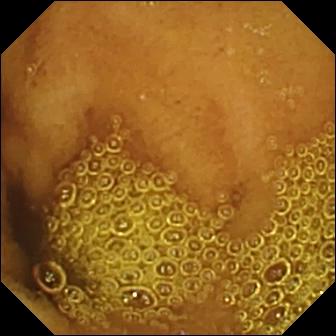WCE frame (small intestine). Normal clean mucosa.